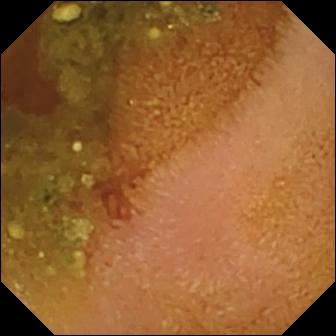This VCE snapshot shows erosion.